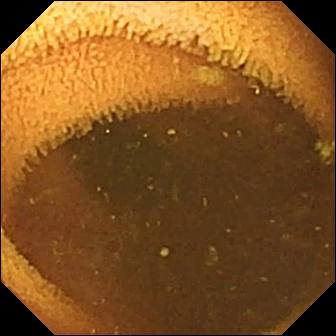WCE snapshot showing normal clean mucosa.